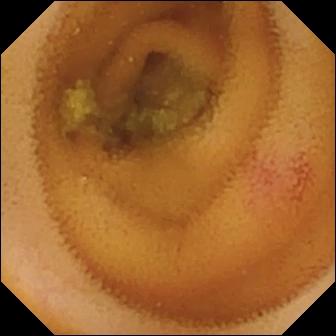Capsule endoscopy — angiectasia.